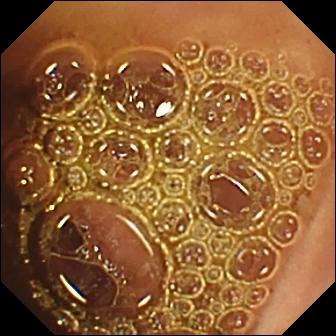Normal clean mucosa — WCE image.